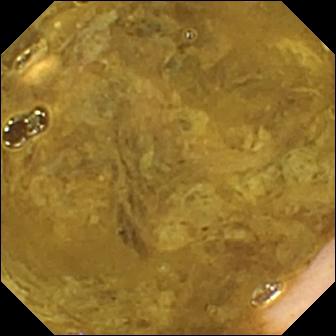WCE frame
Location: ileo-cecal valve region